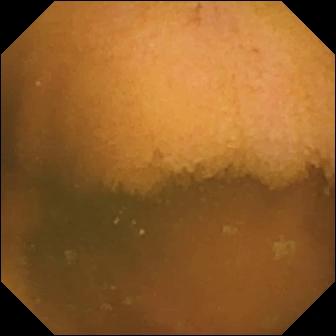VCE still, small intestine
Label: normal clean mucosa